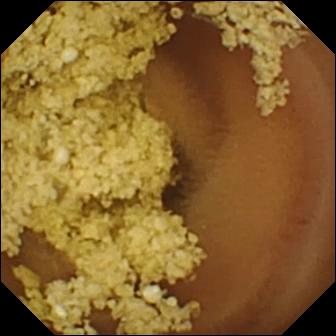Normal clean mucosa.